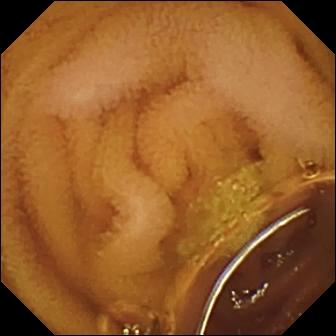Capsule endoscopy. Small intestine. Impression: normal clean mucosa.